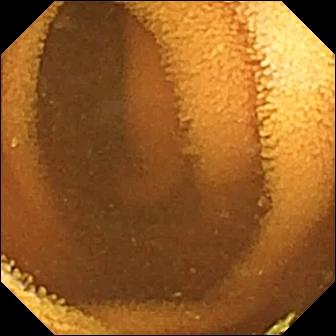Q: What does this wireless capsule endoscopy snapshot of the small bowel show?
A: Normal clean mucosa.